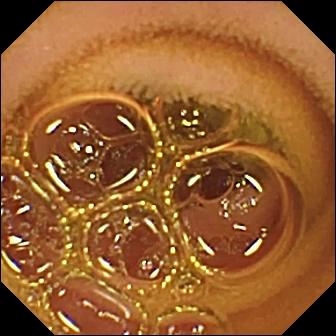Normal clean mucosa.